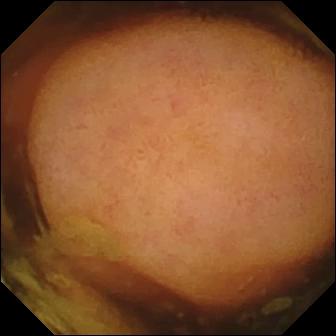This small-bowel capsule endoscopy still shows polyp.